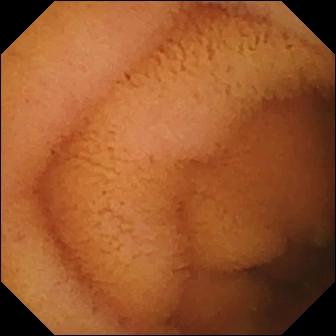Capsule endoscopy snapshot, small intestine
Finding: normal clean mucosa